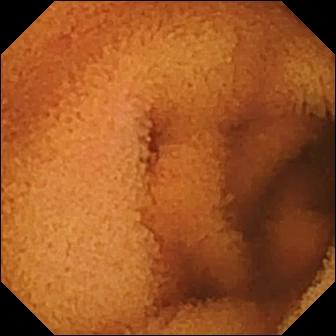Small-bowel capsule endoscopy snapshot
Observation: normal clean mucosa